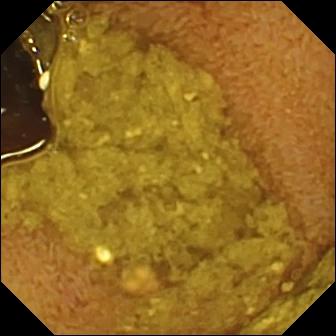PROCEDURE: Video capsule endoscopy.
LABEL: Ileo-cecal valve region (the transition from the small bowel to the large bowel).